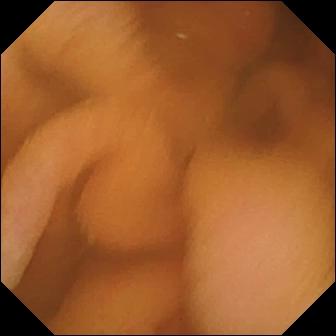VCE image, 336×336. Normal clean mucosa.